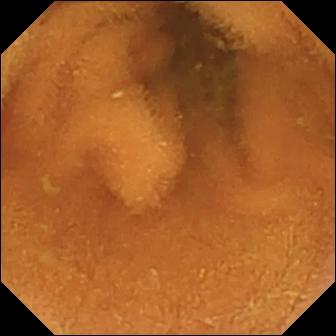VCE — normal clean mucosa.